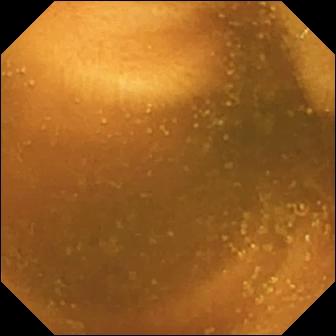VCE image showing normal clean mucosa.